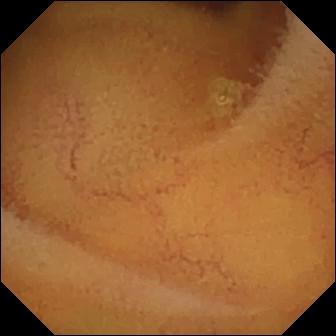Video capsule endoscopy view (small intestine). Normal clean mucosa.